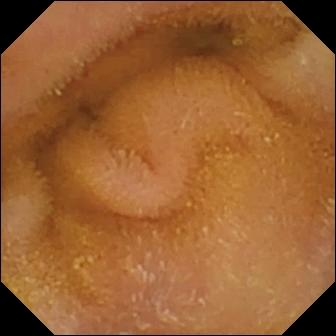- modality: capsule endoscopy
- category: luminal finding
- observation: normal clean mucosa